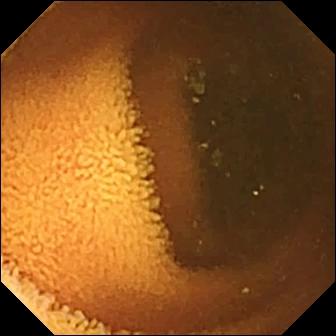Normal clean mucosa.